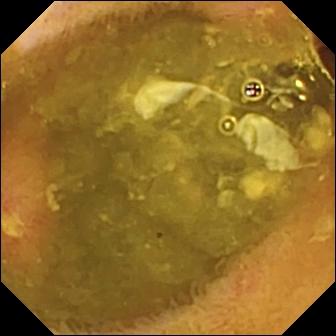modality: WCE; observation: ulcer